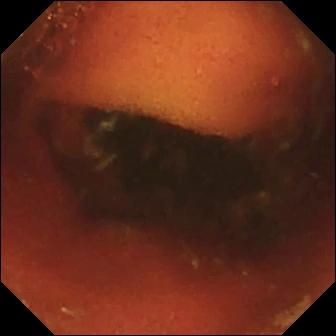Wireless capsule endoscopy snapshot. Taken in the ileo-cecal valve region (where the capsule passes from the small bowel into the large bowel).